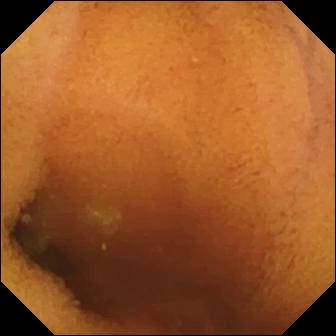- modality: video capsule endoscopy
- finding: normal clean mucosa